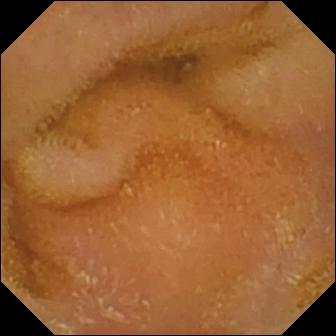Small-bowel capsule endoscopy snapshot of the small intestine showing normal clean mucosa.